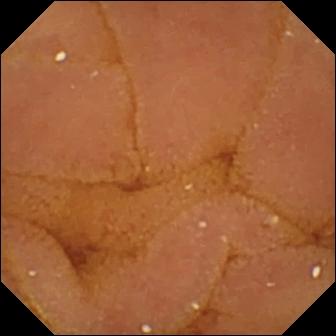This WCE snapshot of the small intestine shows normal clean mucosa.